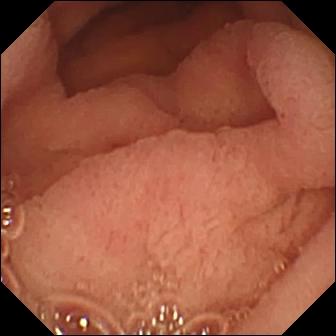This video capsule endoscopy snapshot was taken in the pylorus region (the junction between the stomach and the small bowel).